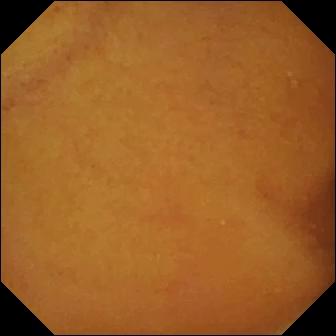- modality: small-bowel capsule endoscopy
- observation: normal clean mucosa